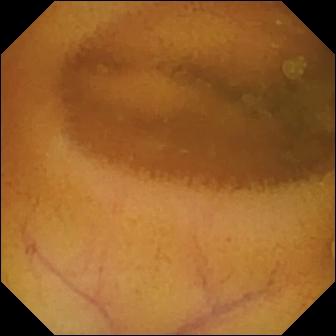- modality: small-bowel capsule endoscopy
- segment: small bowel
- label: normal clean mucosa